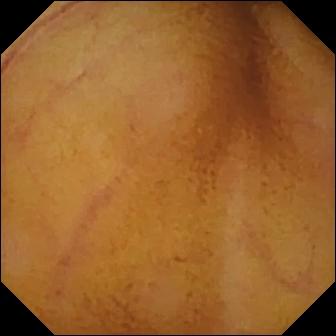Normal clean mucosa (336×336).